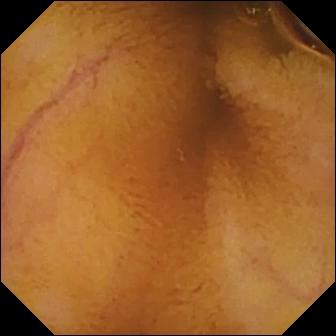Normal clean mucosa.